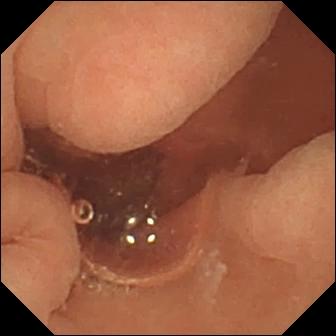This capsule endoscopy view shows normal clean mucosa.